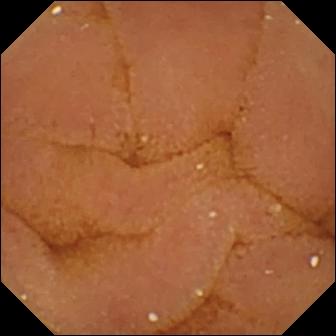Capsule endoscopy. Small intestine. Finding: normal clean mucosa.